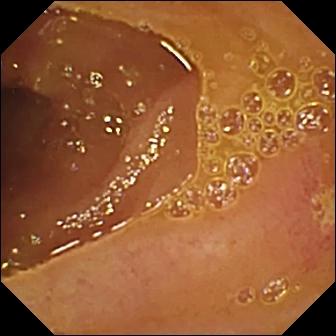- modality: small-bowel capsule endoscopy
- impression: ulcer